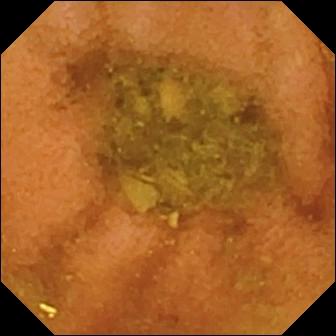Q: What does this VCE snapshot of the small bowel show?
A: Normal clean mucosa.